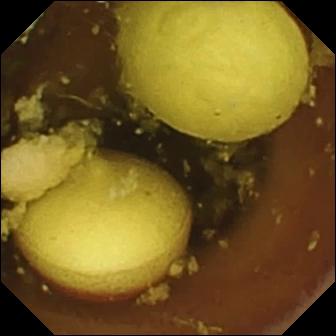- modality: VCE
- observation: foreign body (e.g. retained capsule, tablet residue)